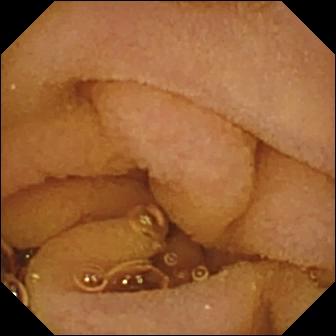modality: WCE; segment: small intestine; finding: normal clean mucosa